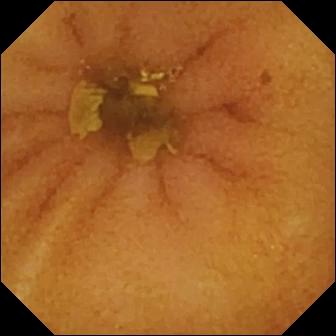- modality: small-bowel capsule endoscopy
- label: normal clean mucosa